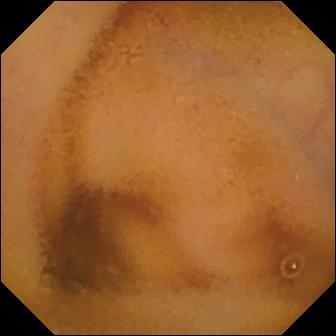Wireless capsule endoscopy — normal clean mucosa.